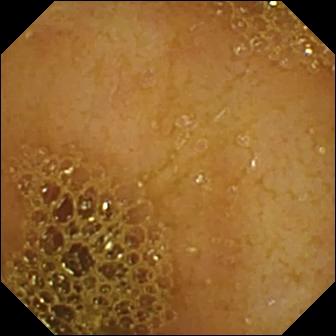Q: Where in the digestive tract was this VCE view taken?
A: Ileo-cecal valve region (where the capsule passes from the small bowel into the large bowel).